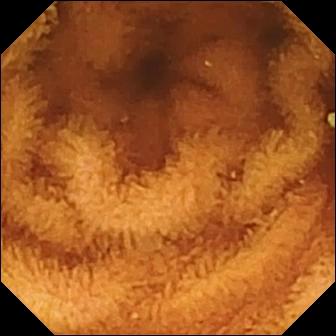Small-bowel capsule endoscopy — normal clean mucosa.